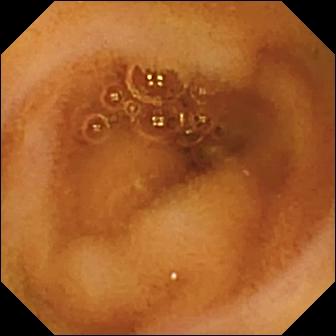Capsule endoscopy view showing normal clean mucosa.